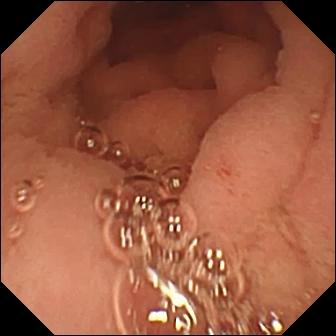modality: wireless capsule endoscopy | label: pylorus region